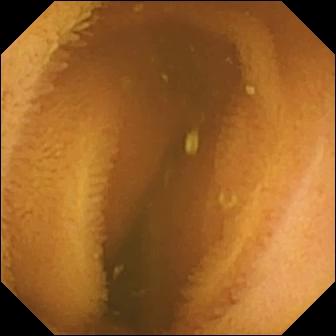PROCEDURE: Small-bowel capsule endoscopy.
FINDINGS: Normal clean mucosa.